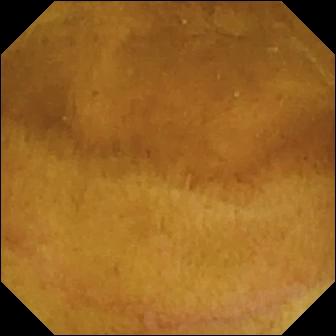{"modality": "video capsule endoscopy", "segment": "small bowel", "finding": "normal clean mucosa"}